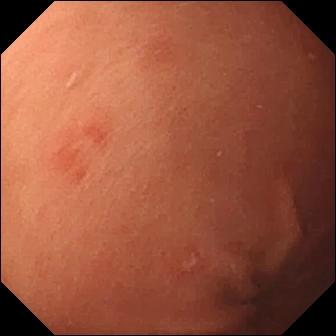Wireless capsule endoscopy still
Observation: erosion